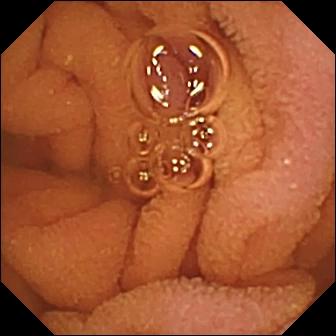{"modality": "video capsule endoscopy", "segment": "small intestine", "finding": "normal clean mucosa"}